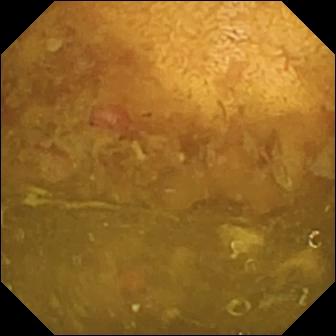Video capsule endoscopy. Label: reduced mucosal view (content or bubbles obscuring the mucosa).